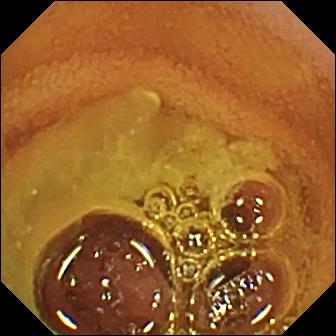{"modality": "wireless capsule endoscopy", "category": "luminal finding", "finding": "normal clean mucosa"}